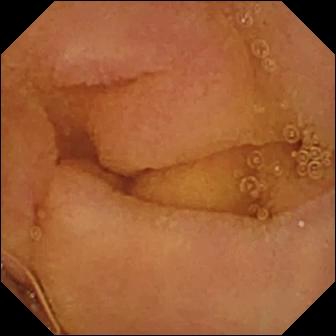VCE snapshot showing normal clean mucosa.